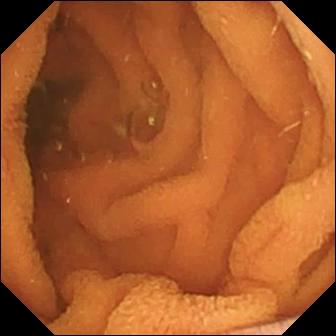Video capsule endoscopy. Small intestine. Observation: normal clean mucosa.